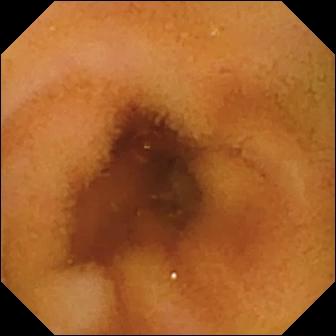Capsule endoscopy still. Normal clean mucosa.